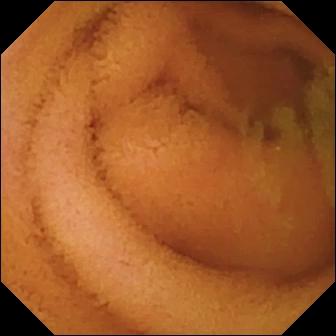This capsule endoscopy frame shows normal clean mucosa.